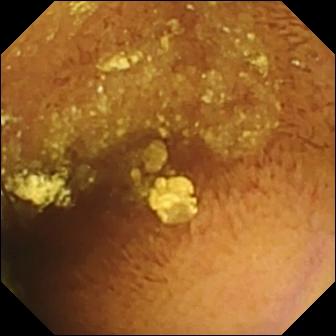- modality: VCE
- impression: normal clean mucosa